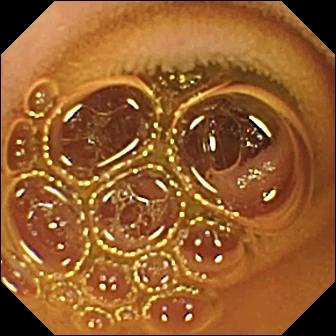Wireless capsule endoscopy. Small bowel. Label: normal clean mucosa.